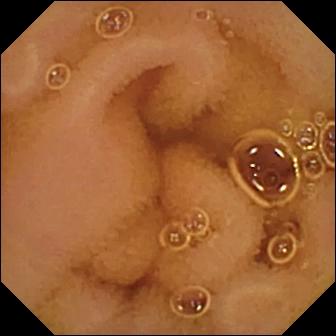This WCE frame shows normal clean mucosa.